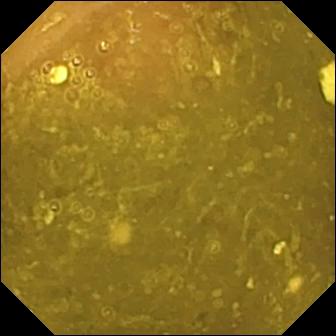Ileo-cecal valve region (the transition from the small bowel to the large bowel) — small-bowel capsule endoscopy frame.